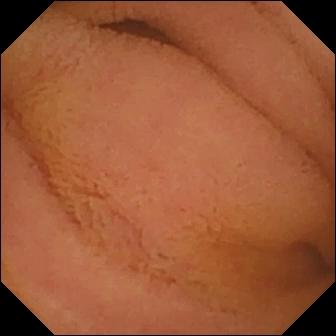modality: small-bowel capsule endoscopy
category: luminal finding
finding: normal clean mucosa